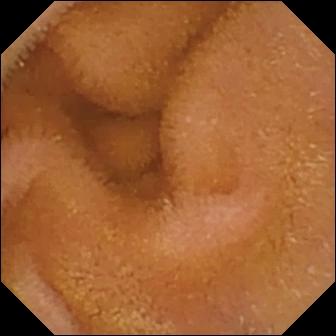Q: What does this video capsule endoscopy image of the small intestine show?
A: Normal clean mucosa.